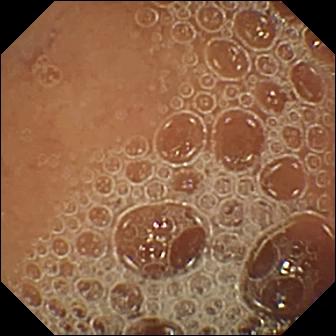This video capsule endoscopy snapshot shows normal clean mucosa.